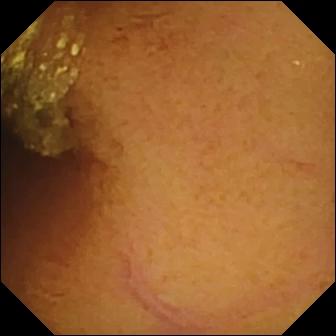WCE still, small bowel
Finding: normal clean mucosa